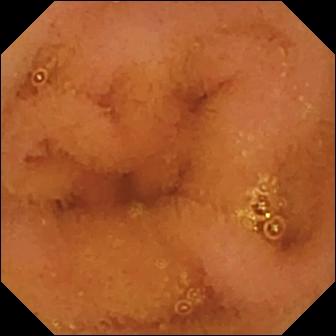Video capsule endoscopy — normal clean mucosa.